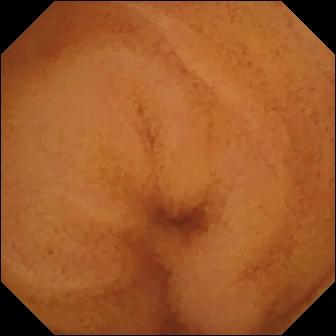Capsule endoscopy snapshot, small bowel
Impression: normal clean mucosa